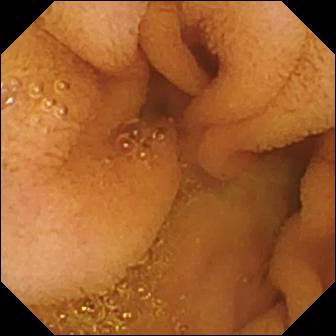This small-bowel capsule endoscopy snapshot of the small bowel shows normal clean mucosa.